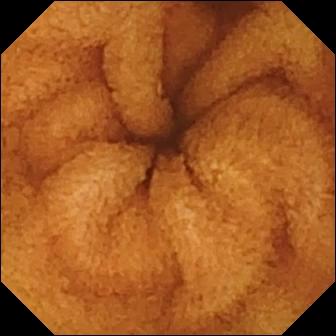Normal clean mucosa — wireless capsule endoscopy frame.